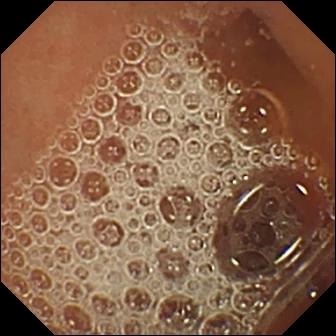VCE still. Normal clean mucosa.